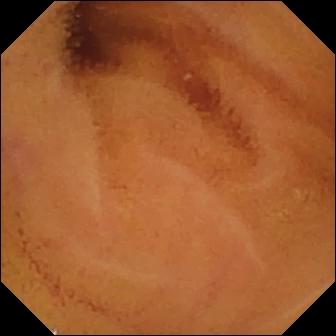WCE — normal clean mucosa.